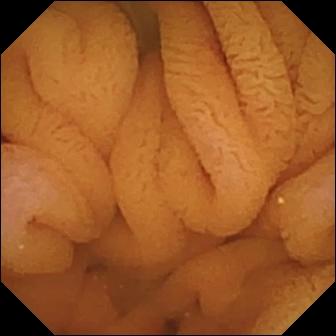Video capsule endoscopy. Small bowel. Label: normal clean mucosa.